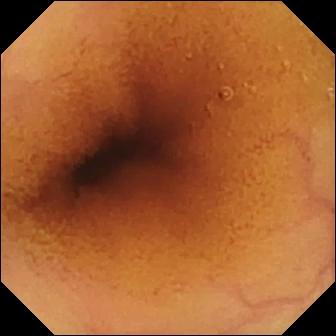Normal clean mucosa — capsule endoscopy still.